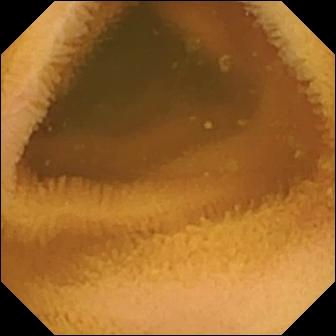{"modality": "WCE", "segment": "small bowel", "finding": "normal clean mucosa"}